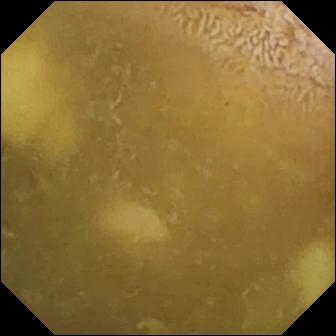VCE still
Location: ileo-cecal valve region